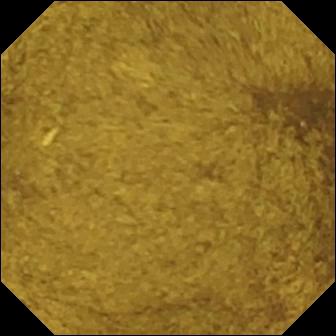Small-bowel capsule endoscopy image
Video segment: ileo-cecal valve region (the transition from the small bowel to the large bowel)